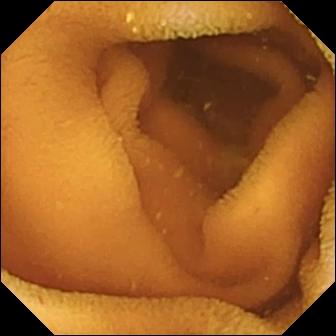Wireless capsule endoscopy. Small intestine. Observation: normal clean mucosa.